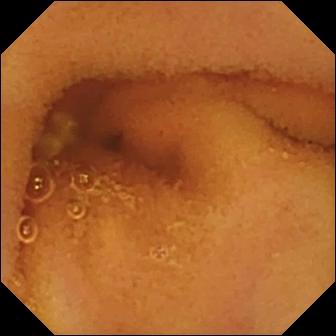{"modality": "WCE", "finding": "normal clean mucosa"}